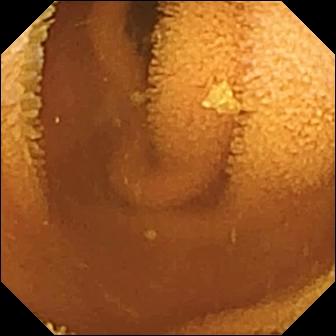Q: What does this WCE image of the small intestine show?
A: Normal clean mucosa.